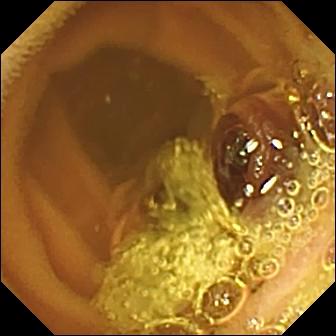WCE still (small bowel), 336×336. Normal clean mucosa.